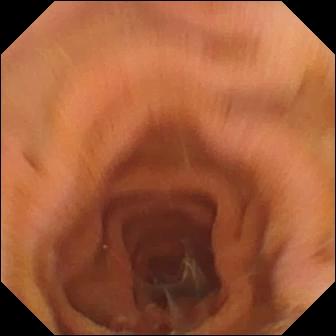Pylorus region (the junction between the stomach and the small bowel) — wireless capsule endoscopy still.